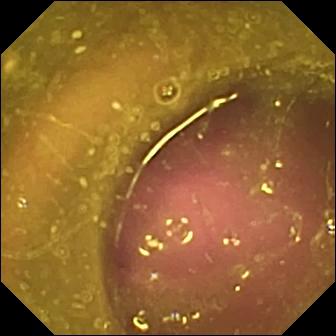VCE still. Reduced mucosal view (content or bubbles obscuring the mucosa).